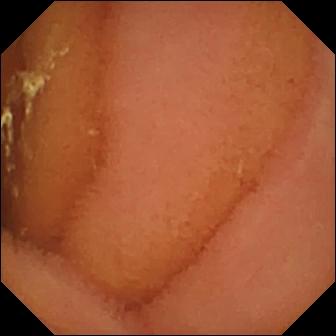PROCEDURE: Wireless capsule endoscopy.
SEGMENT: Small bowel.
FINDINGS: Normal clean mucosa.